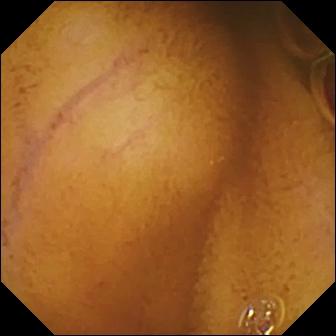VCE. Small bowel. Impression: normal clean mucosa.